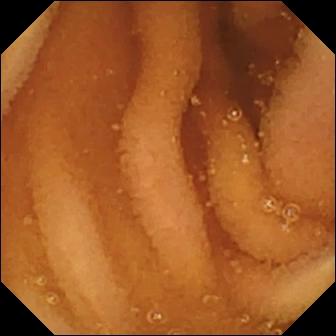Normal clean mucosa (336×336).